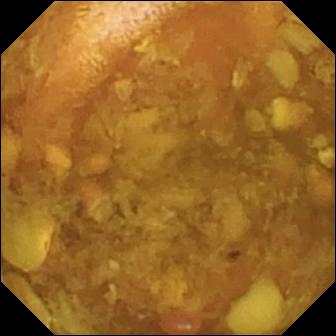Reduced mucosal view (content or bubbles obscuring the mucosa).